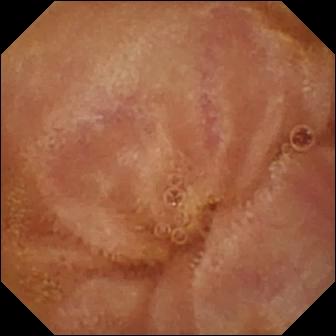Q: What does this wireless capsule endoscopy still show?
A: Normal clean mucosa.